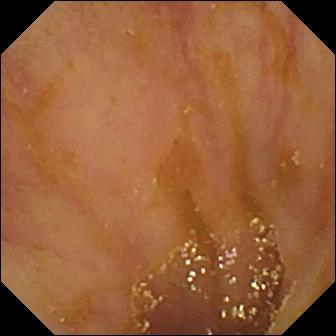VCE view taken in the ileo-cecal valve region (where the capsule passes from the small bowel into the large bowel).